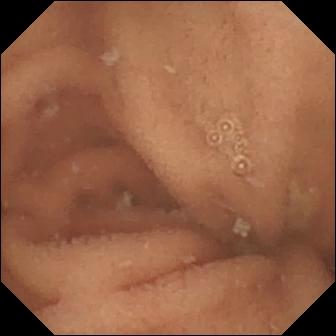This capsule endoscopy frame shows normal clean mucosa.